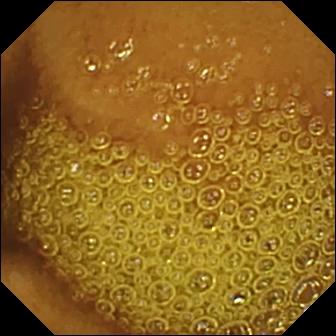Q: What does this wireless capsule endoscopy view show?
A: Normal clean mucosa.